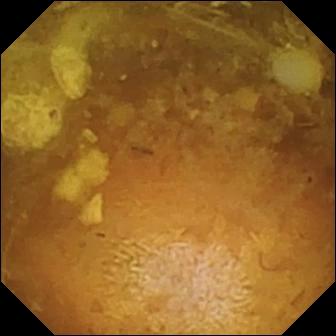modality: small-bowel capsule endoscopy; segment: small bowel; category: luminal finding; observation: reduced mucosal view (content or bubbles obscuring the mucosa)